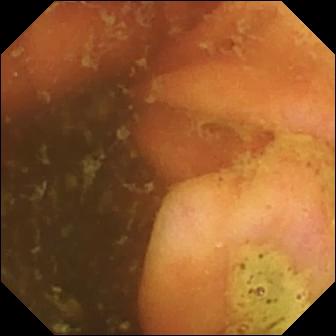Wireless capsule endoscopy snapshot taken in the ileo-cecal valve region.